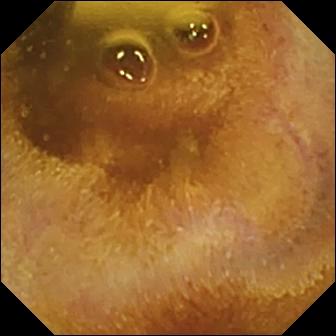Small-bowel capsule endoscopy image showing foreign body (e.g. retained capsule, tablet residue).